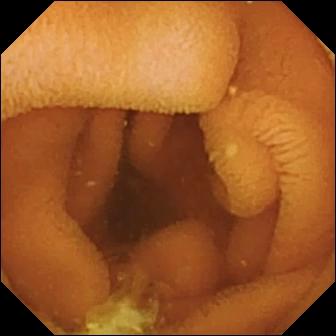This capsule endoscopy frame shows normal clean mucosa.